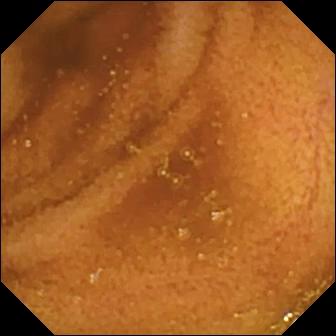Q: What does this VCE view show?
A: Normal clean mucosa.